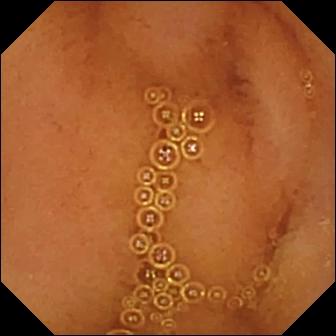WCE view of the small bowel showing normal clean mucosa.